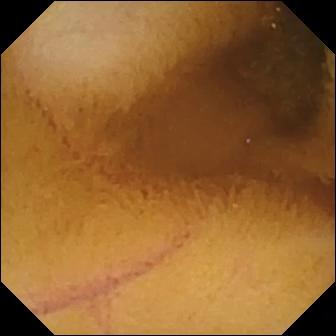PROCEDURE: VCE.
FINDINGS: Normal clean mucosa.